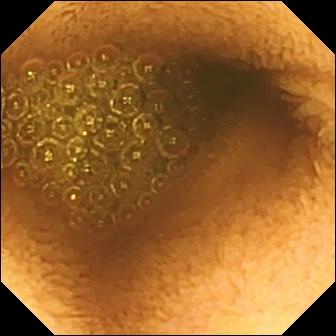modality: video capsule endoscopy | segment: small intestine | category: luminal finding | finding: reduced mucosal view (content or bubbles obscuring the mucosa)